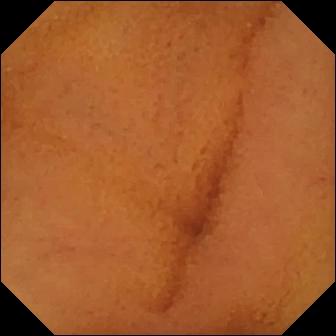This capsule endoscopy still shows normal clean mucosa.